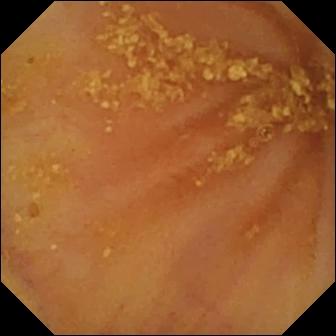{"modality": "video capsule endoscopy", "position": "ileo-cecal valve region (where the capsule passes from the small bowel into the large bowel)"}